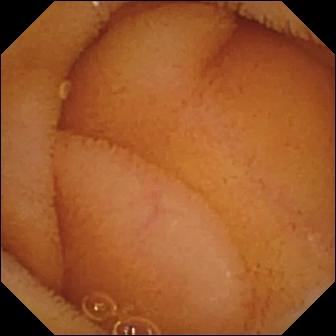- modality: capsule endoscopy
- observation: normal clean mucosa